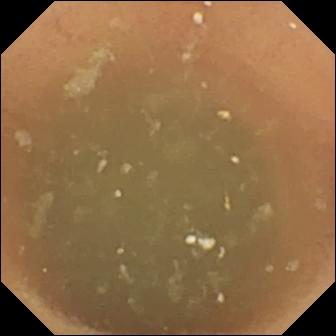Small-bowel capsule endoscopy snapshot, small intestine
Finding: normal clean mucosa